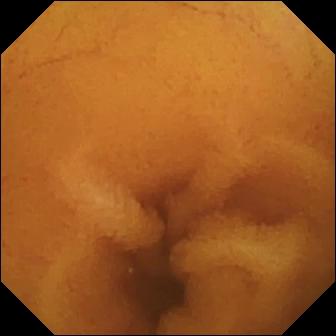Normal clean mucosa — VCE snapshot.